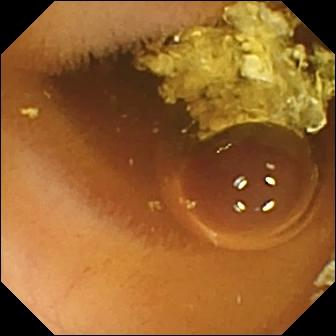Video capsule endoscopy still showing normal clean mucosa.